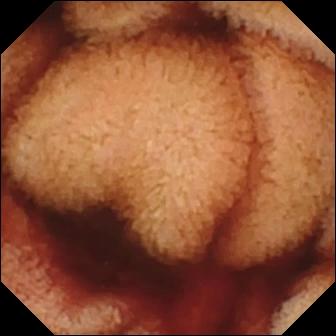Fresh blood in the lumen — VCE frame.